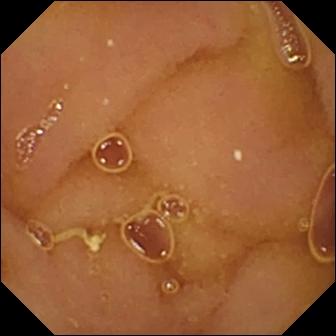Wireless capsule endoscopy frame (small bowel). Normal clean mucosa.